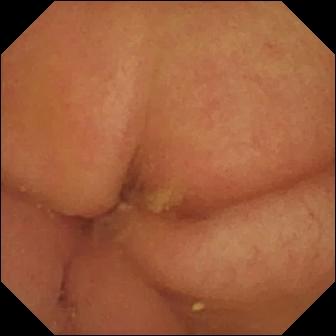Video capsule endoscopy — pylorus region.